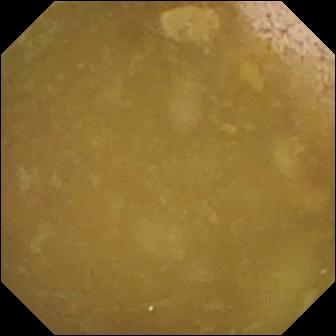Ileo-cecal valve region (where the capsule passes from the small bowel into the large bowel).